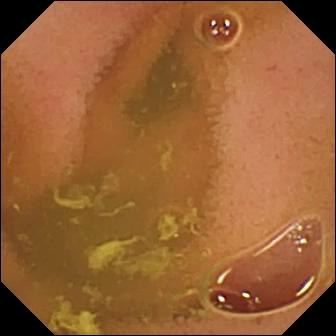WCE frame, small bowel
Label: normal clean mucosa